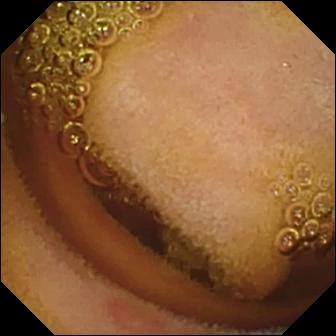- modality: wireless capsule endoscopy
- observation: erosion